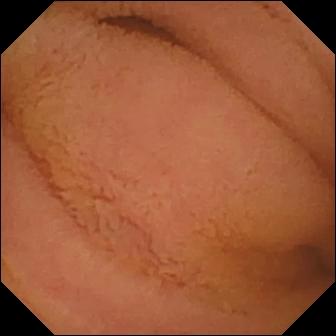Q: What does this WCE image of the small bowel show?
A: Normal clean mucosa.